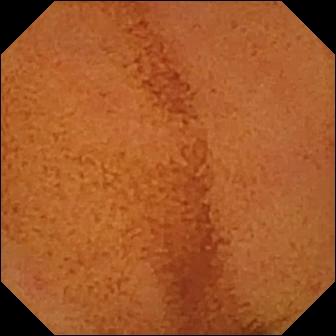PROCEDURE: Wireless capsule endoscopy.
SEGMENT: Small bowel.
FINDINGS: Normal clean mucosa.